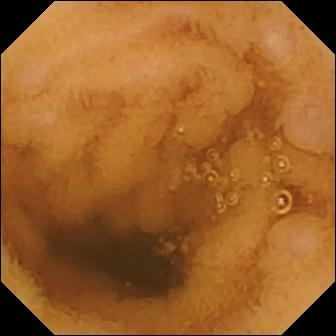Small-bowel capsule endoscopy. Small bowel. Observation: normal clean mucosa.